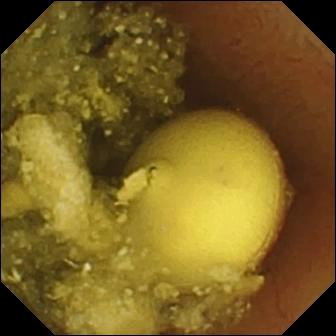Video capsule endoscopy image
Finding: foreign body (e.g. retained capsule, tablet residue)